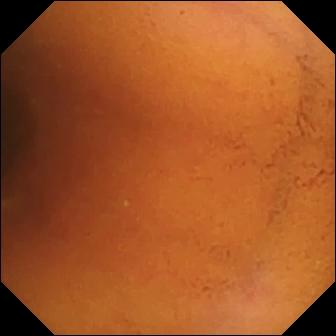Normal clean mucosa.